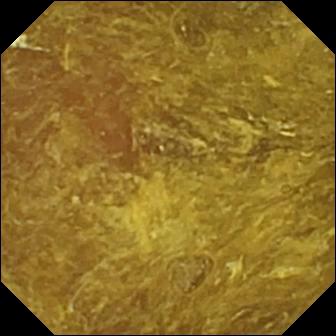{"modality": "capsule endoscopy", "finding": "reduced mucosal view (content or bubbles obscuring the mucosa)"}